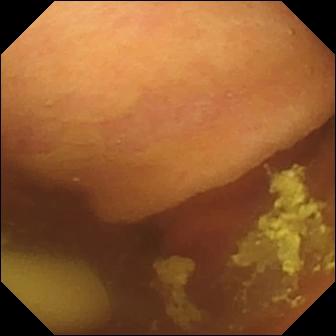Capsule endoscopy. Impression: foreign body (e.g. retained capsule, tablet residue).